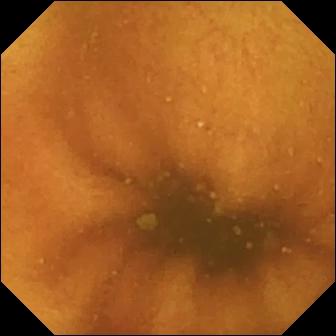{"modality": "capsule endoscopy", "finding": "normal clean mucosa"}